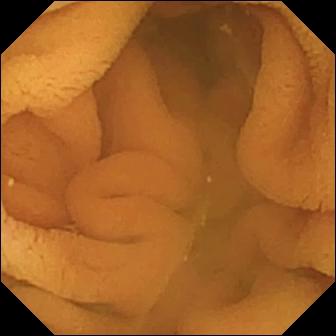This capsule endoscopy still shows normal clean mucosa.